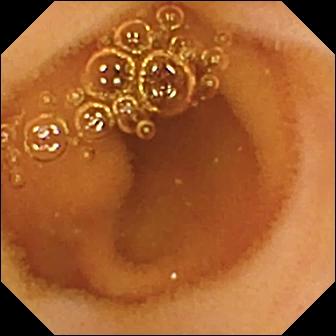- modality: wireless capsule endoscopy
- finding: normal clean mucosa